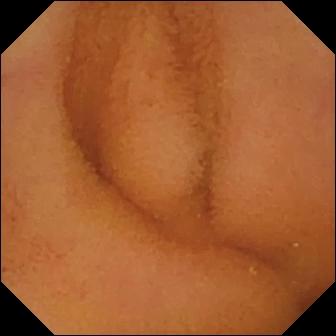modality: WCE
category: luminal finding
impression: normal clean mucosa